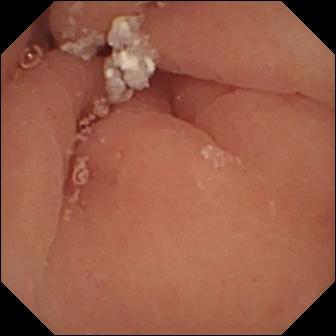This VCE snapshot was taken in the pylorus region (the junction between the stomach and the small bowel).